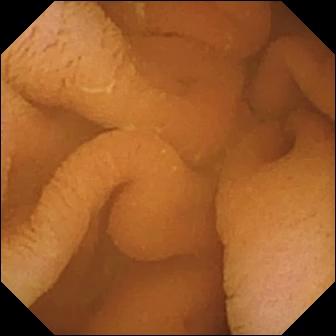This small-bowel capsule endoscopy snapshot of the small bowel shows normal clean mucosa.